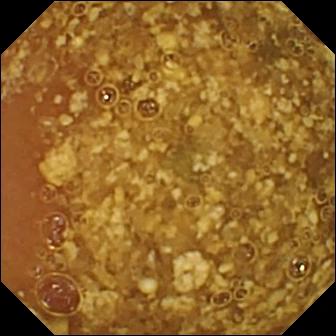VCE still showing reduced mucosal view (content or bubbles obscuring the mucosa).